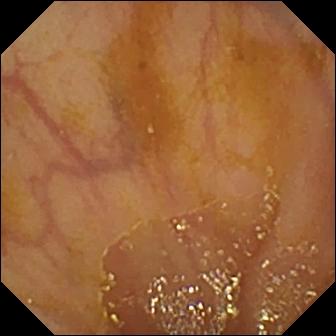WCE — ileo-cecal valve region (the transition from the small bowel to the large bowel).